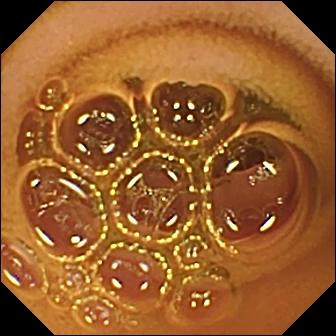Normal clean mucosa.